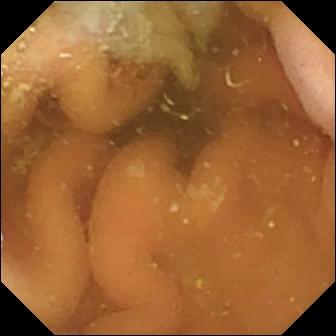Q: Where in the digestive tract was this wireless capsule endoscopy still taken?
A: Pylorus region (the junction between the stomach and the small bowel).